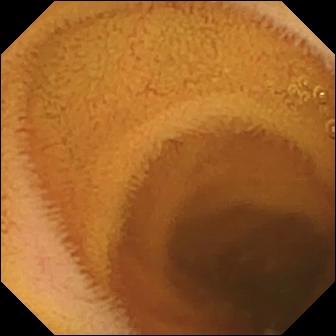PROCEDURE: WCE.
FINDINGS: Normal clean mucosa.